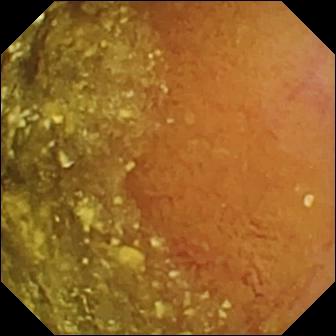Q: What does this video capsule endoscopy snapshot show?
A: Normal clean mucosa.